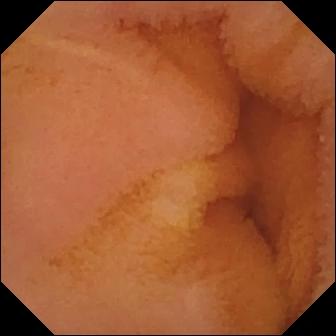Normal clean mucosa.